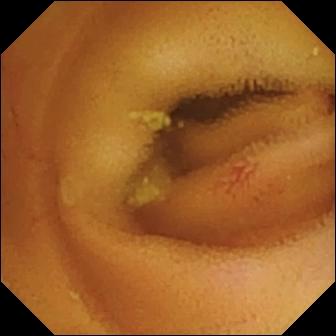This VCE view shows angiectasia.